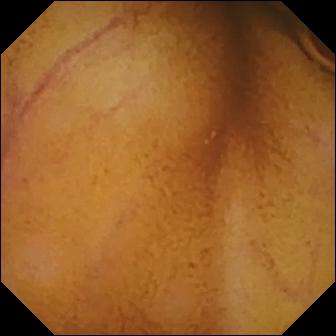This wireless capsule endoscopy still of the small bowel shows normal clean mucosa.